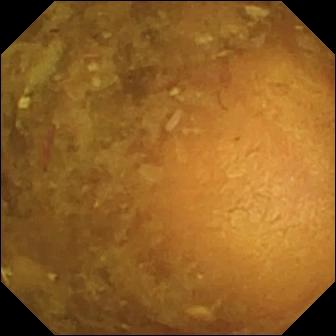This WCE snapshot of the small bowel shows reduced mucosal view (content or bubbles obscuring the mucosa).